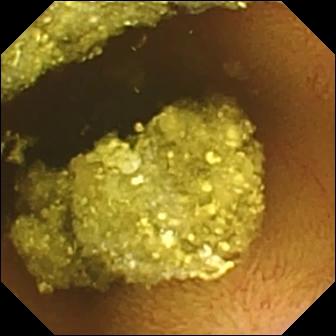- modality: small-bowel capsule endoscopy
- segment: small intestine
- label: normal clean mucosa